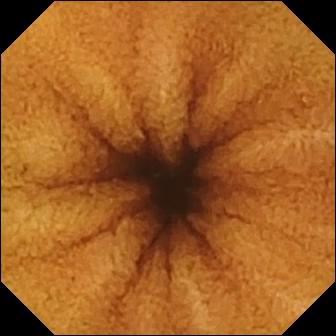Normal clean mucosa.